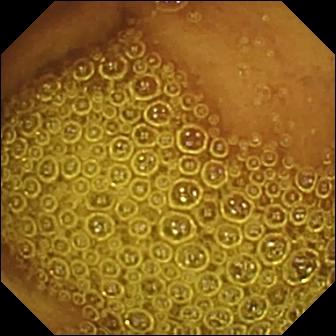Normal clean mucosa (336×336).